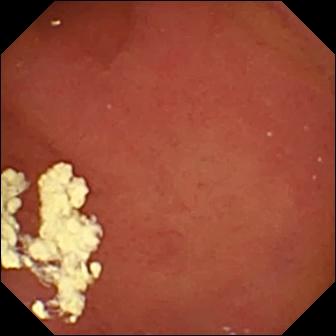Q: Where in the digestive tract was this small-bowel capsule endoscopy still taken?
A: Pylorus region (the junction between the stomach and the small bowel).